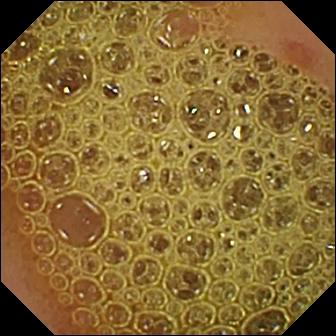Q: What does this VCE view show?
A: Erosion.